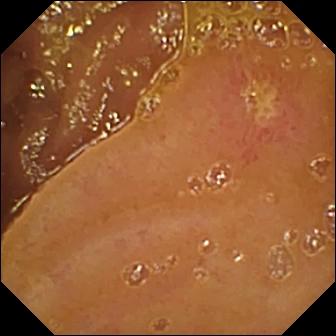PROCEDURE: Video capsule endoscopy.
FINDINGS: Ulcer.